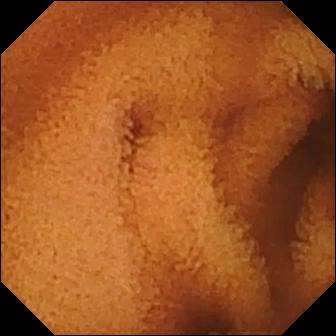Normal clean mucosa — VCE frame of the small intestine.